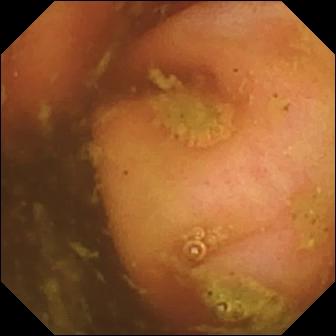PROCEDURE: Capsule endoscopy.
VIDEO SEGMENT: Ileo-cecal valve region.